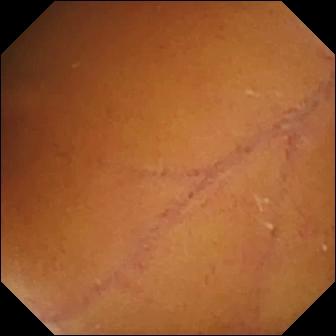{"modality": "video capsule endoscopy", "category": "luminal finding", "finding": "normal clean mucosa"}